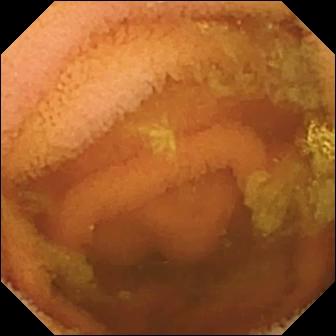Wireless capsule endoscopy frame. Normal clean mucosa.